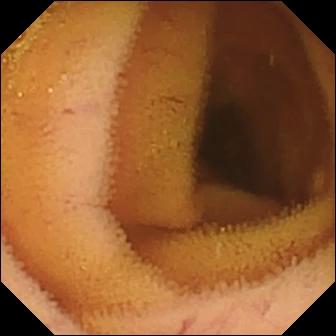This small-bowel capsule endoscopy frame shows normal clean mucosa.